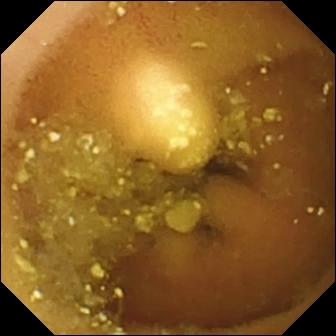{"modality": "small-bowel capsule endoscopy", "category": "luminal finding", "finding": "lymphangiectasia"}